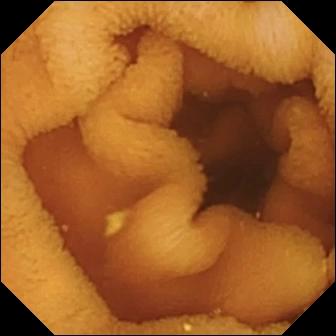This capsule endoscopy view shows normal clean mucosa.